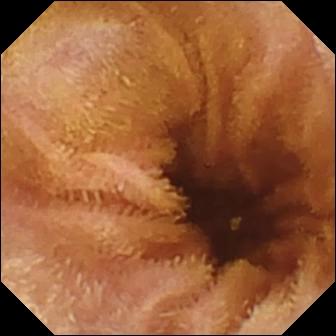Normal clean mucosa (336×336).